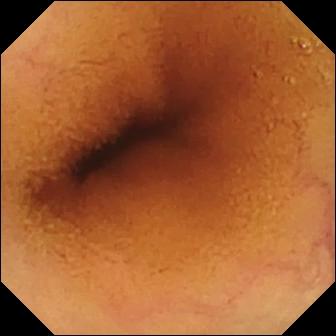Q: What does this small-bowel capsule endoscopy frame show?
A: Normal clean mucosa.